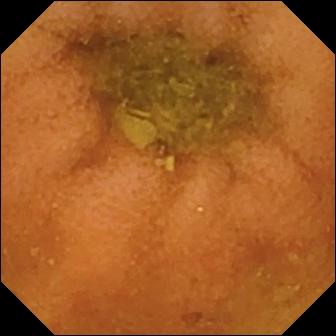Video capsule endoscopy — normal clean mucosa.